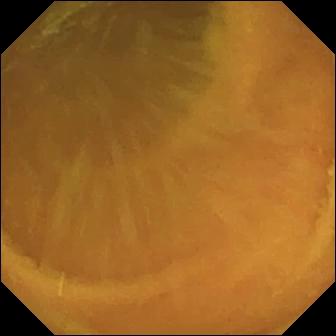Q: What does this VCE view show?
A: Normal clean mucosa.